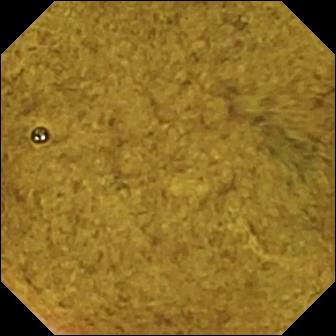PROCEDURE: Video capsule endoscopy.
LOCATION: Ileo-cecal valve region (where the capsule passes from the small bowel into the large bowel).